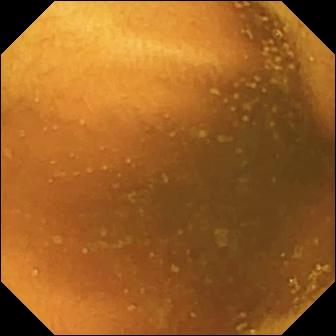VCE view. Normal clean mucosa.